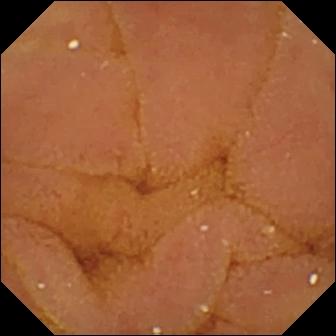modality: VCE
category: luminal finding
label: normal clean mucosa